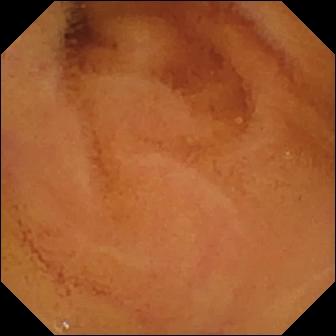This wireless capsule endoscopy snapshot shows normal clean mucosa.